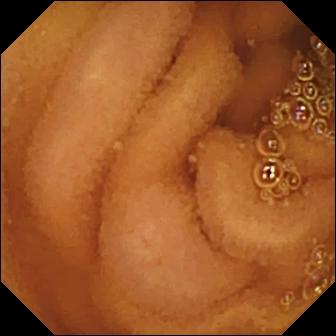modality: video capsule endoscopy | segment: small intestine | finding: normal clean mucosa